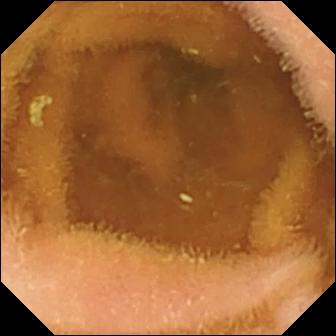PROCEDURE: Wireless capsule endoscopy.
SEGMENT: Small intestine.
FINDINGS: Normal clean mucosa.